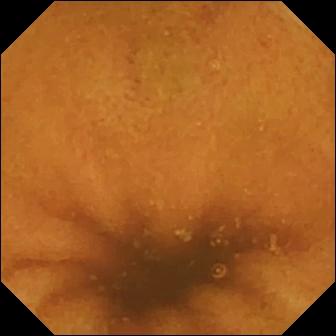VCE frame, small bowel
Finding: normal clean mucosa